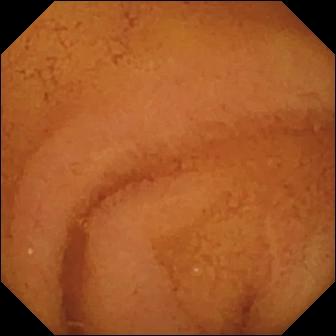WCE — normal clean mucosa.